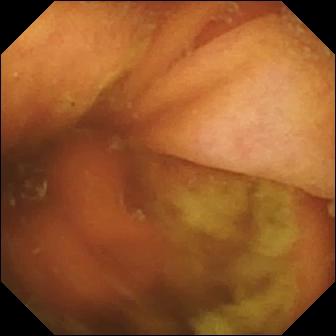PROCEDURE: Small-bowel capsule endoscopy.
VIDEO SEGMENT: Ileo-cecal valve region (the transition from the small bowel to the large bowel).